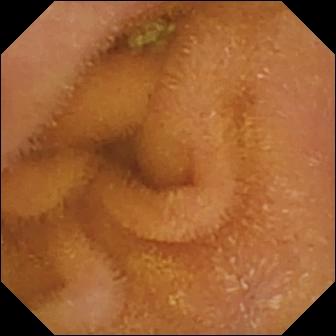Normal clean mucosa — wireless capsule endoscopy image of the small intestine.